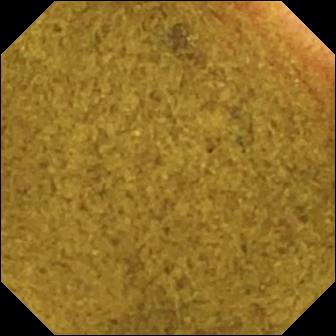This capsule endoscopy image was taken in the ileo-cecal valve region (where the capsule passes from the small bowel into the large bowel).